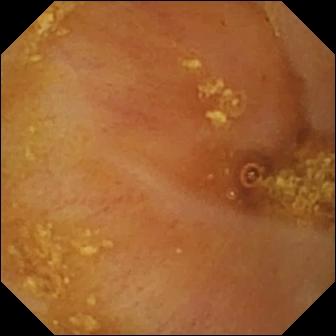Q: Where in the digestive tract was this VCE image taken?
A: Ileo-cecal valve region.